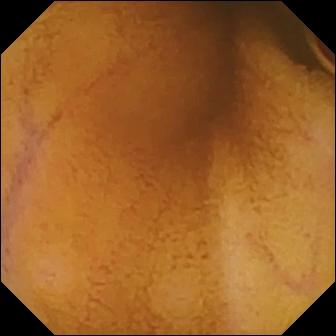This WCE still of the small intestine shows normal clean mucosa.